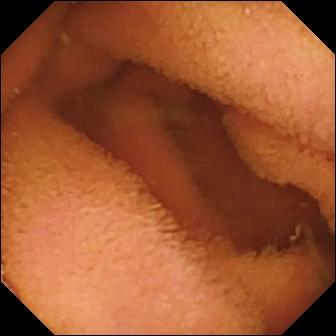Small-bowel capsule endoscopy frame showing normal clean mucosa.